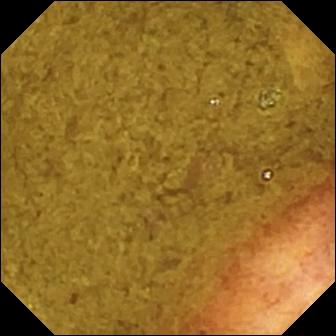Small-bowel capsule endoscopy view. Taken in the ileo-cecal valve region (where the capsule passes from the small bowel into the large bowel).